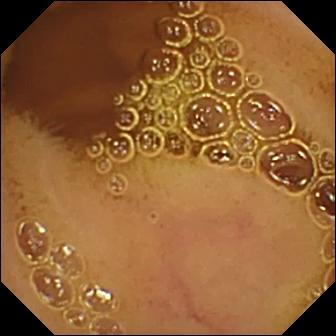{"modality": "video capsule endoscopy", "segment": "small bowel", "category": "luminal finding", "finding": "normal clean mucosa"}